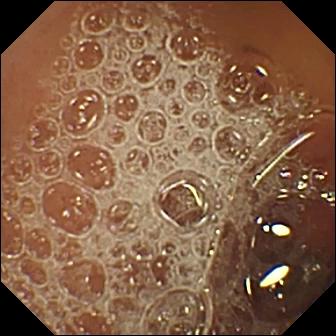Capsule endoscopy. Luminal finding. Observation: normal clean mucosa.